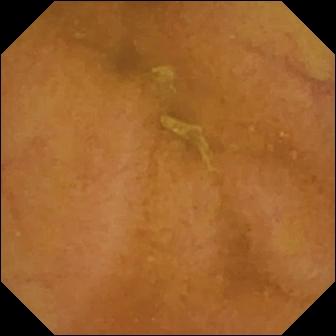Q: What does this small-bowel capsule endoscopy view of the small bowel show?
A: Normal clean mucosa.